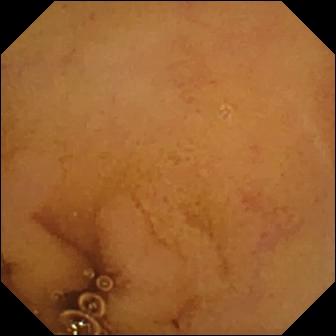Normal clean mucosa — wireless capsule endoscopy image.